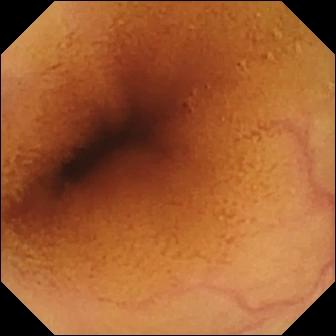Q: What does this capsule endoscopy still of the small bowel show?
A: Normal clean mucosa.